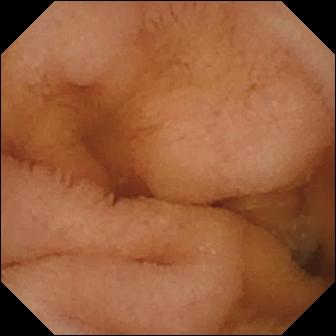Normal clean mucosa — capsule endoscopy snapshot of the small bowel.